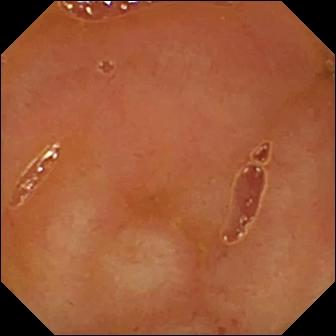Ileo-cecal valve region — small-bowel capsule endoscopy frame.